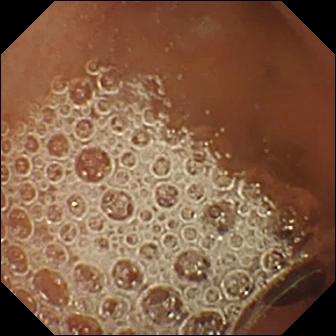modality: small-bowel capsule endoscopy; category: luminal finding; observation: normal clean mucosa